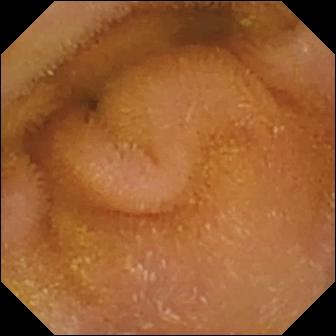PROCEDURE: Capsule endoscopy.
FINDINGS: Normal clean mucosa.